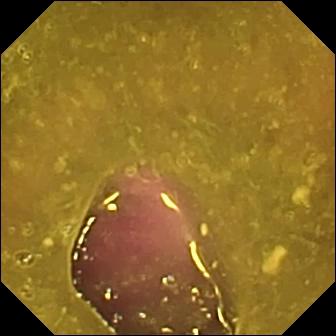WCE frame of the small intestine showing reduced mucosal view (content or bubbles obscuring the mucosa).